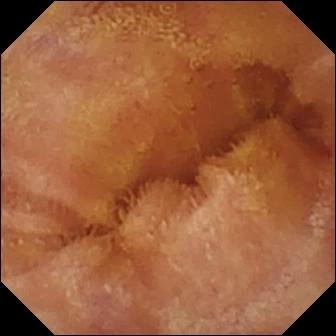- modality: small-bowel capsule endoscopy
- impression: normal clean mucosa